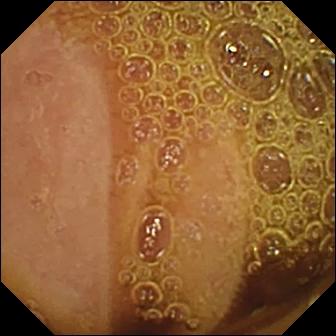- modality: wireless capsule endoscopy
- segment: small intestine
- category: luminal finding
- observation: normal clean mucosa